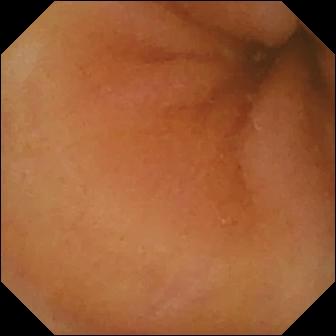Wireless capsule endoscopy image
Label: normal clean mucosa